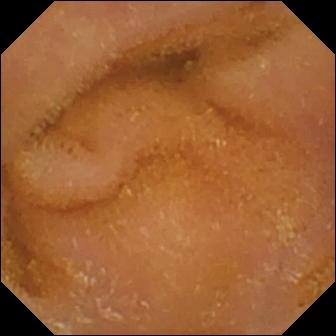This video capsule endoscopy still of the small bowel shows normal clean mucosa.